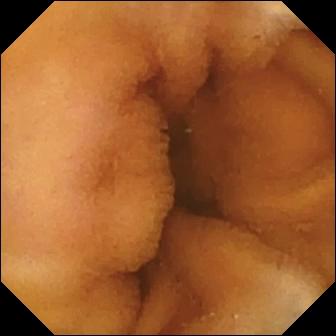VCE snapshot, small bowel
Finding: normal clean mucosa